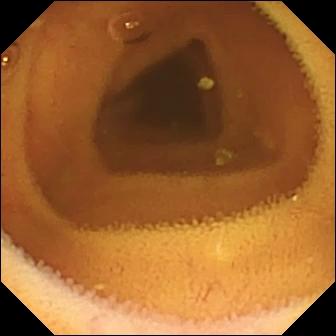Normal clean mucosa — video capsule endoscopy still.